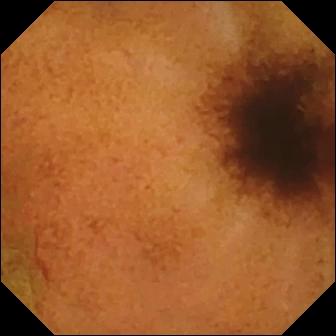- modality: WCE
- finding: normal clean mucosa